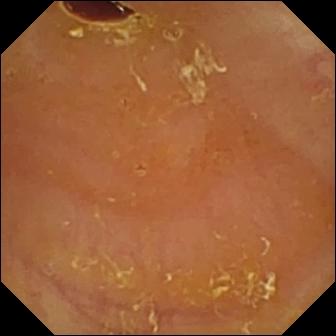Reduced mucosal view (content or bubbles obscuring the mucosa) — video capsule endoscopy still.